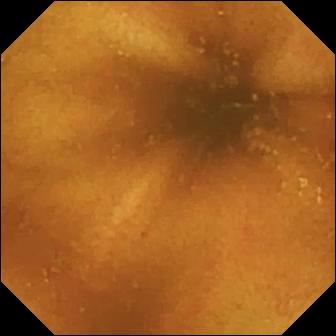Q: What does this small-bowel capsule endoscopy still of the small intestine show?
A: Normal clean mucosa.